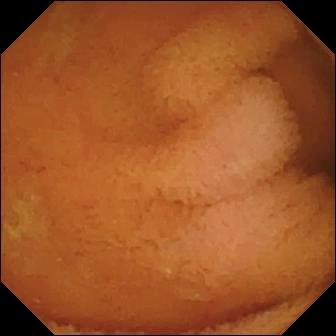modality: wireless capsule endoscopy | segment: small bowel | impression: normal clean mucosa